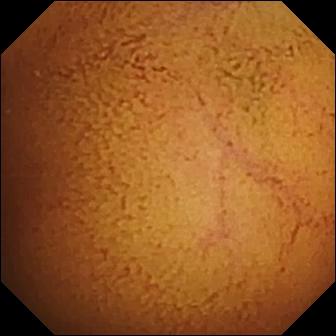- modality: VCE
- category: luminal finding
- observation: normal clean mucosa